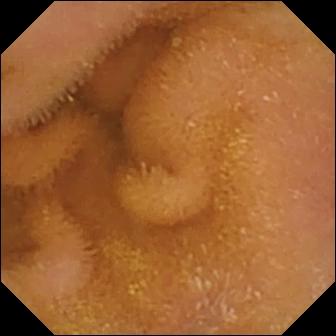Q: What does this WCE snapshot show?
A: Normal clean mucosa.